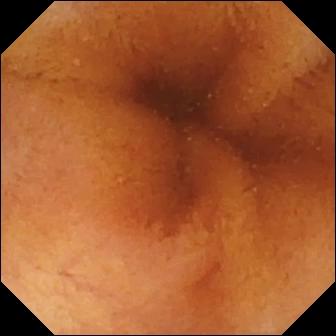Normal clean mucosa.